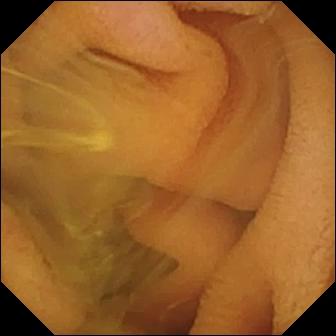Normal clean mucosa — WCE frame.